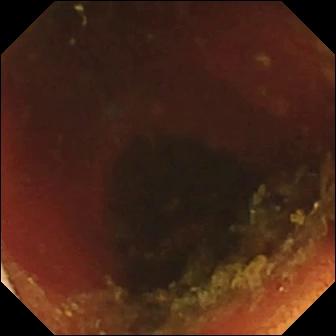modality: small-bowel capsule endoscopy
category: anatomical landmark
label: ileo-cecal valve region (the transition from the small bowel to the large bowel)